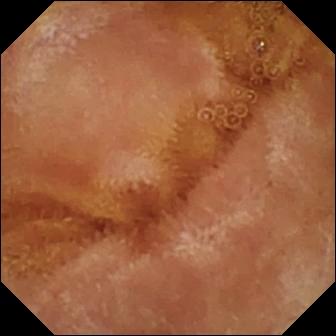Q: What does this video capsule endoscopy image of the small intestine show?
A: Normal clean mucosa.